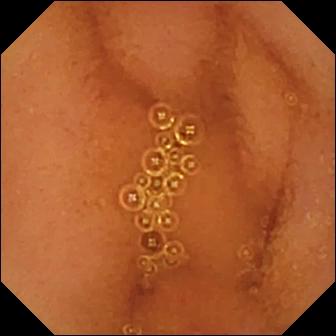This video capsule endoscopy view shows normal clean mucosa.